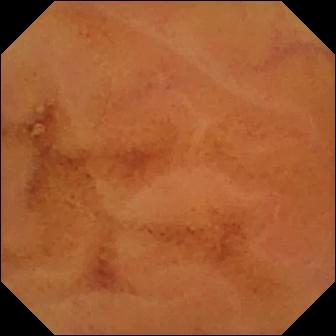Video capsule endoscopy. Small bowel. Luminal finding. Observation: normal clean mucosa.